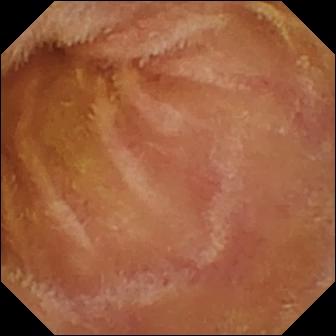modality: wireless capsule endoscopy
segment: small intestine
impression: normal clean mucosa